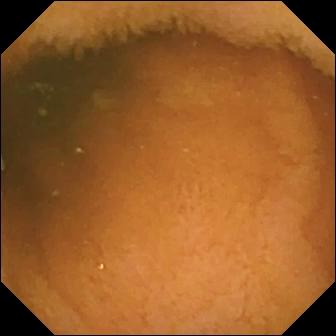Normal clean mucosa — video capsule endoscopy still.